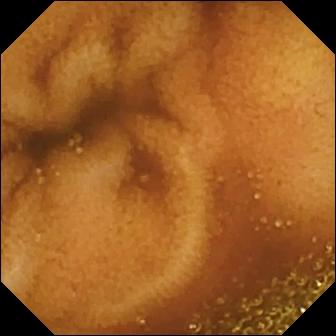Wireless capsule endoscopy view
Impression: normal clean mucosa